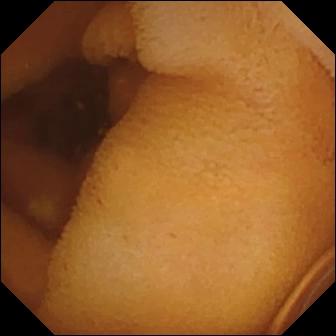modality: video capsule endoscopy; category: luminal finding; label: normal clean mucosa